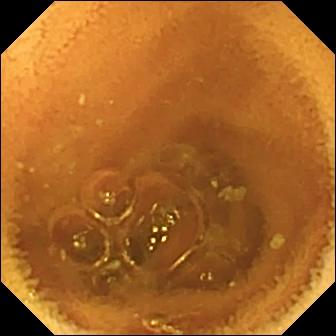PROCEDURE: VCE.
FINDINGS: Normal clean mucosa.